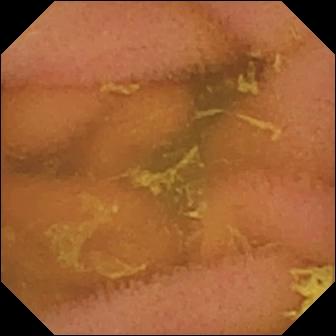Normal clean mucosa — wireless capsule endoscopy snapshot.